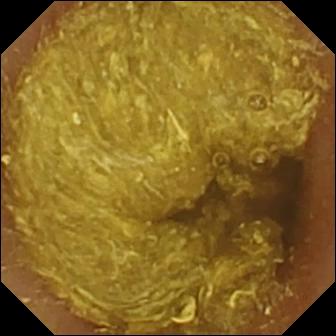Video capsule endoscopy frame showing reduced mucosal view (content or bubbles obscuring the mucosa).